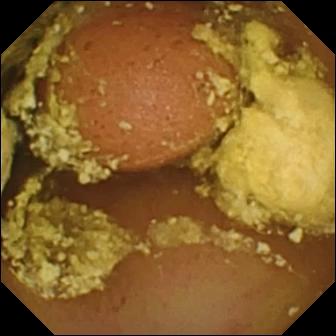Q: What does this small-bowel capsule endoscopy frame show?
A: Foreign body (e.g. retained capsule, tablet residue).